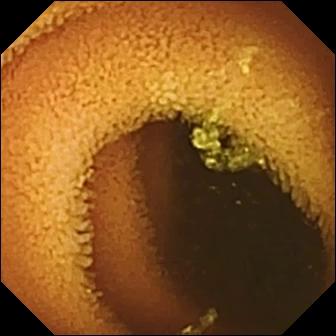Small-bowel capsule endoscopy image showing normal clean mucosa.